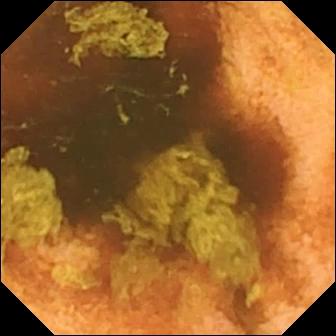{"modality": "video capsule endoscopy", "segment": "small intestine", "finding": "normal clean mucosa"}